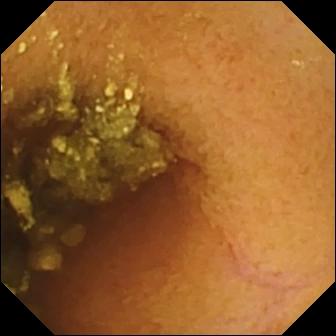- modality: small-bowel capsule endoscopy
- segment: small bowel
- finding: normal clean mucosa